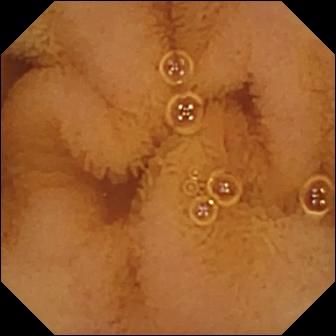Small-bowel capsule endoscopy view of the small bowel showing normal clean mucosa.